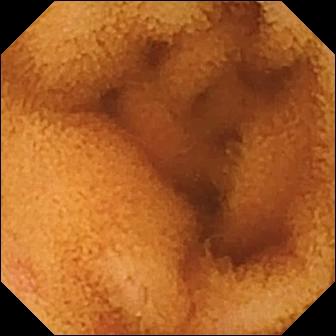Normal clean mucosa — small-bowel capsule endoscopy snapshot of the small bowel.